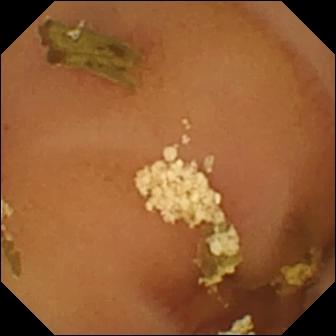This VCE frame shows normal clean mucosa.